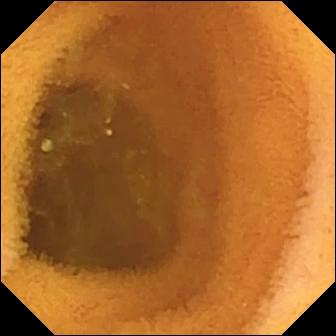Q: What does this wireless capsule endoscopy frame show?
A: Normal clean mucosa.